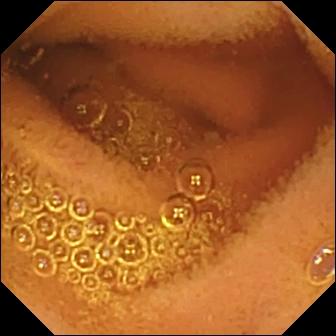Normal clean mucosa — wireless capsule endoscopy frame of the small bowel.